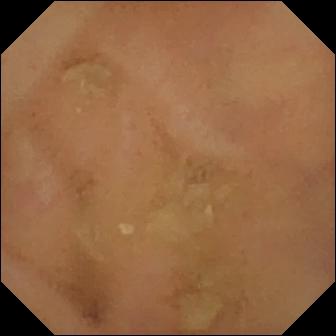Q: What does this VCE frame of the small bowel show?
A: Normal clean mucosa.